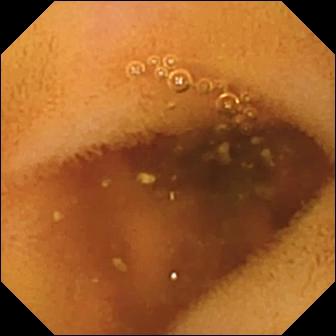- modality: capsule endoscopy
- category: luminal finding
- observation: normal clean mucosa